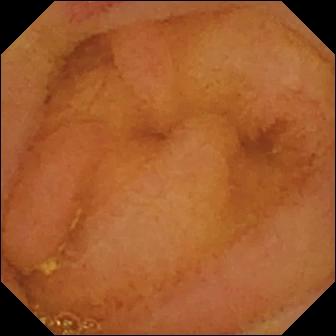Wireless capsule endoscopy. Observation: erosion.